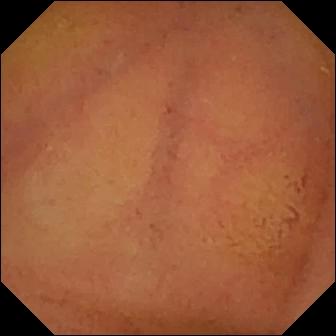VCE — normal clean mucosa.